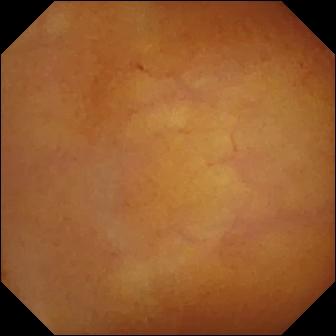PROCEDURE: WCE.
SEGMENT: Small intestine.
FINDINGS: Normal clean mucosa.